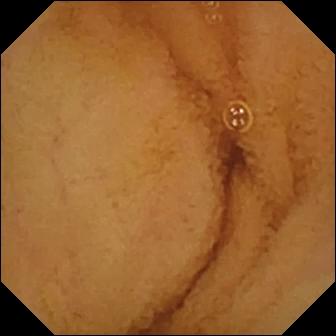Normal clean mucosa — VCE snapshot.